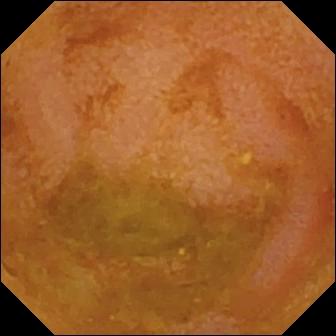- modality: small-bowel capsule endoscopy
- category: luminal finding
- label: reduced mucosal view (content or bubbles obscuring the mucosa)